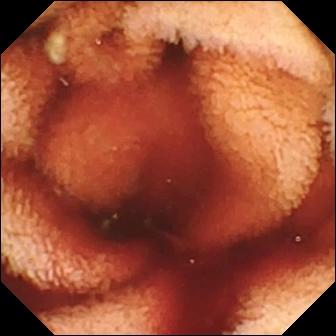{"modality": "wireless capsule endoscopy", "finding": "fresh blood in the lumen"}